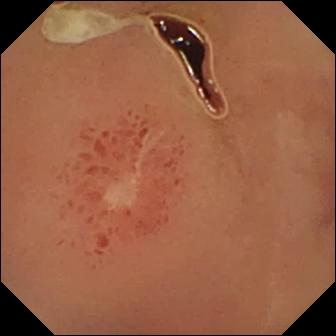Ulcer — wireless capsule endoscopy image.